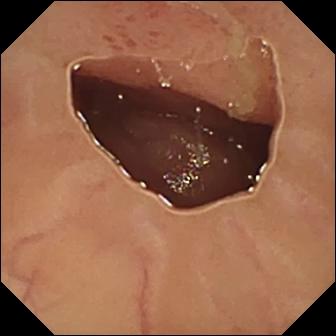WCE still showing ulcer.